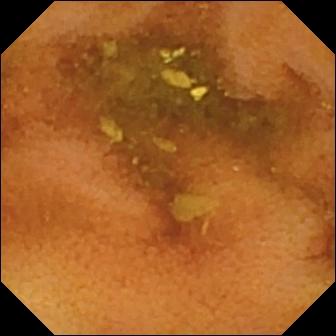VCE still (small intestine). Normal clean mucosa.